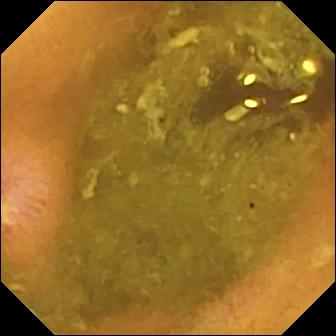{"modality": "wireless capsule endoscopy", "finding": "ulcer"}